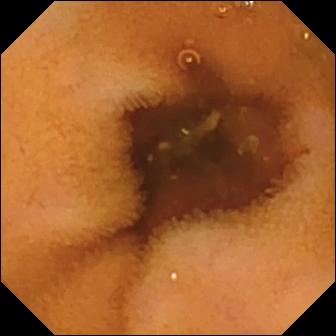Wireless capsule endoscopy — normal clean mucosa.